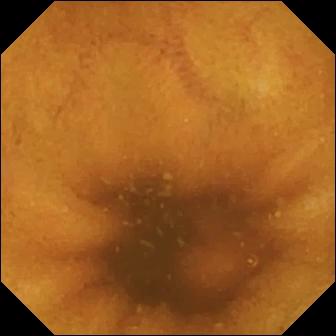- modality: wireless capsule endoscopy
- segment: small intestine
- impression: normal clean mucosa